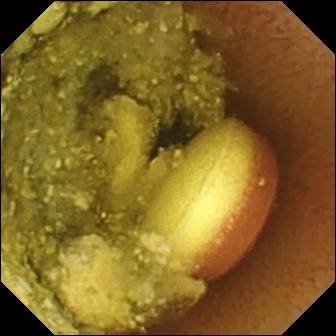Foreign body (e.g. retained capsule, tablet residue) — small-bowel capsule endoscopy snapshot.